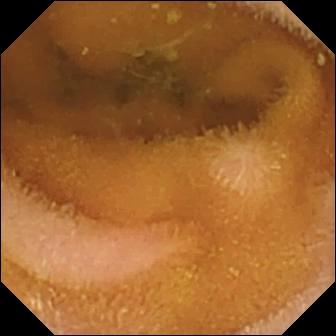PROCEDURE: WCE.
FINDINGS: Normal clean mucosa.